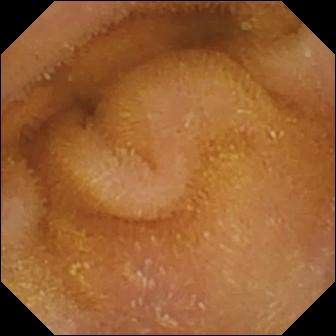WCE still of the small intestine showing normal clean mucosa.